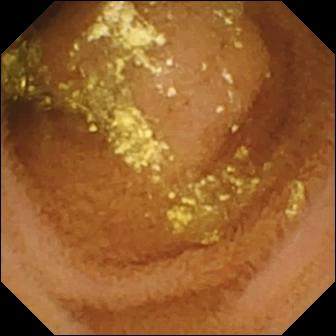Q: What does this wireless capsule endoscopy image show?
A: Normal clean mucosa.